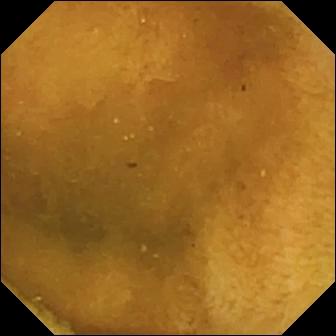Normal clean mucosa — VCE frame.